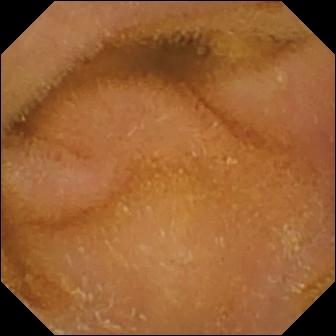modality: WCE; label: normal clean mucosa